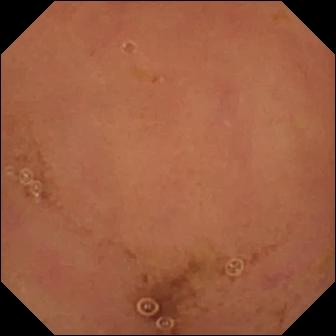Normal clean mucosa — wireless capsule endoscopy still.